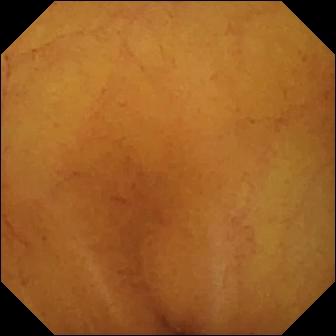WCE image, small bowel
Observation: normal clean mucosa